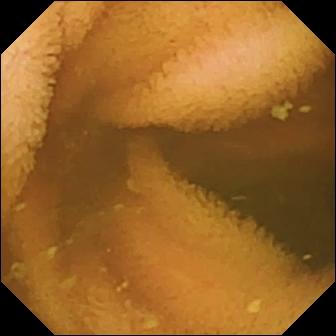Video capsule endoscopy still (small bowel). Normal clean mucosa.